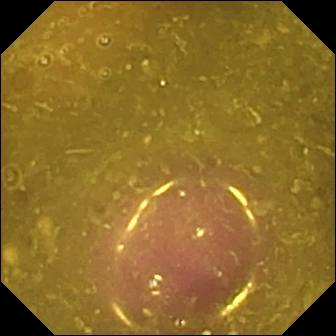modality: video capsule endoscopy; segment: small intestine; category: luminal finding; impression: reduced mucosal view (content or bubbles obscuring the mucosa)